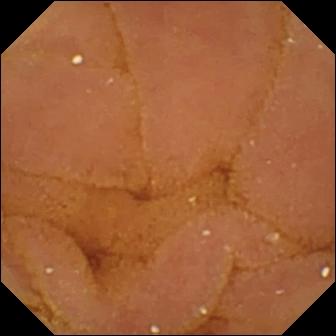{"modality": "small-bowel capsule endoscopy", "finding": "normal clean mucosa"}